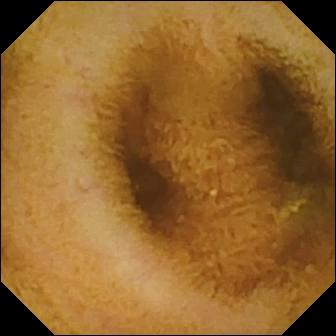modality: wireless capsule endoscopy | segment: small bowel | impression: normal clean mucosa